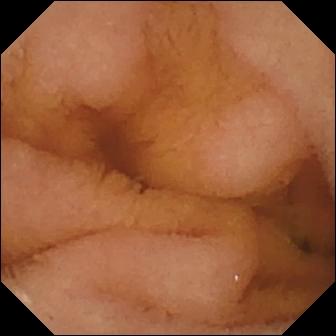Normal clean mucosa — small-bowel capsule endoscopy snapshot.